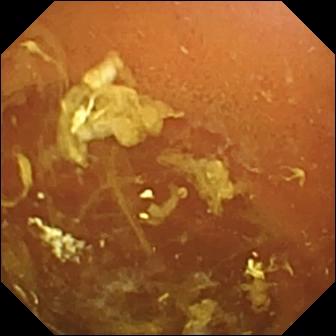Normal clean mucosa — capsule endoscopy snapshot of the small bowel.